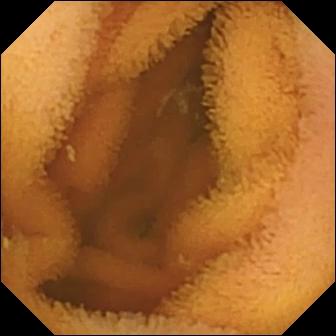Capsule endoscopy snapshot
Label: normal clean mucosa